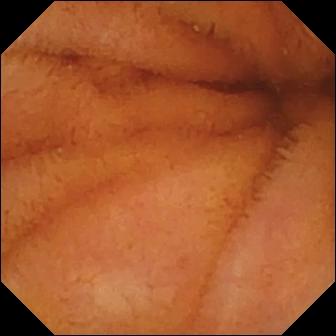Q: What does this wireless capsule endoscopy frame of the small intestine show?
A: Normal clean mucosa.